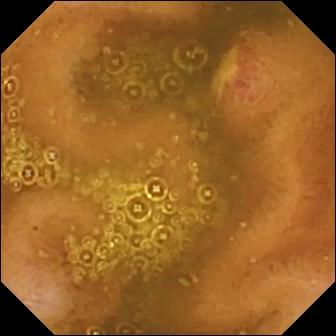WCE still showing ulcer.